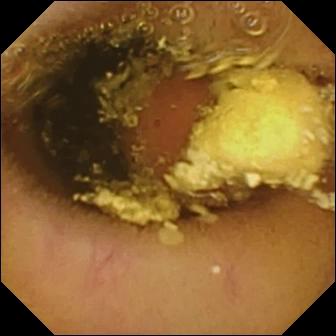- modality: WCE
- category: luminal finding
- finding: foreign body (e.g. retained capsule, tablet residue)